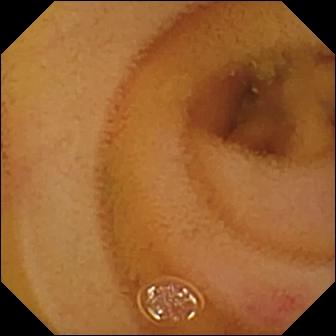modality: WCE | category: luminal finding | impression: angiectasia